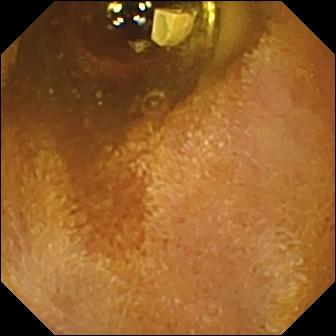{"modality": "small-bowel capsule endoscopy", "finding": "foreign body (e.g. retained capsule, tablet residue)"}